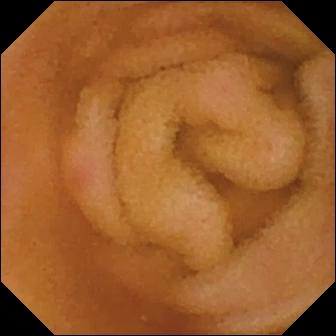Q: What does this capsule endoscopy view show?
A: Erythema (mucosal redness).